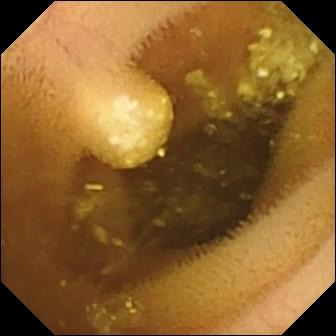Lymphangiectasia — wireless capsule endoscopy frame.